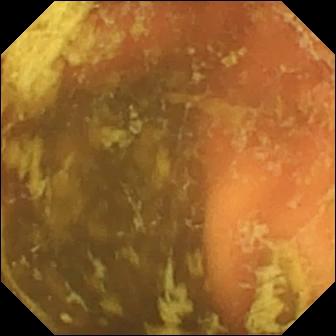modality: wireless capsule endoscopy
location: ileo-cecal valve region (the transition from the small bowel to the large bowel)